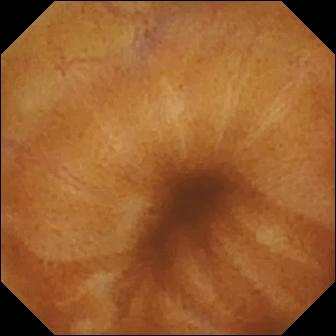Normal clean mucosa — video capsule endoscopy image.